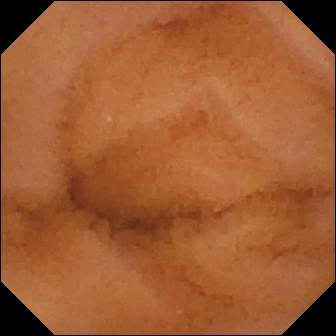- modality: capsule endoscopy
- observation: normal clean mucosa